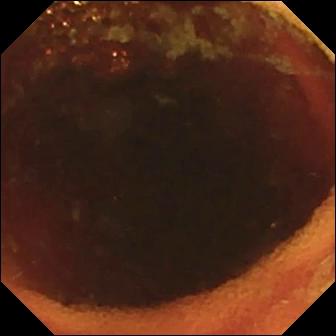modality: wireless capsule endoscopy; label: ileo-cecal valve region (the transition from the small bowel to the large bowel)